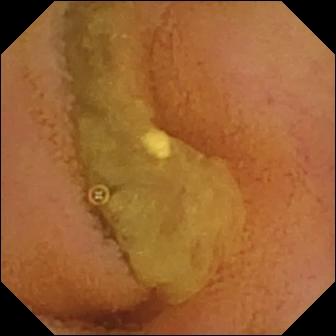Capsule endoscopy — normal clean mucosa.